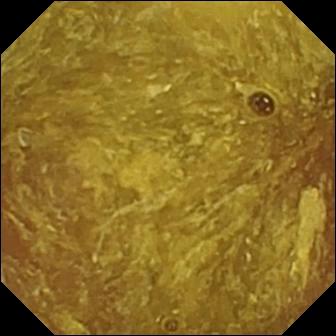WCE — reduced mucosal view (content or bubbles obscuring the mucosa).